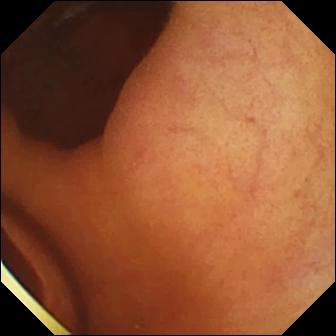Wireless capsule endoscopy. Observation: foreign body (e.g. retained capsule, tablet residue).